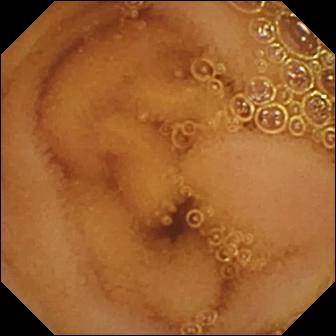Normal clean mucosa — small-bowel capsule endoscopy view of the small bowel.